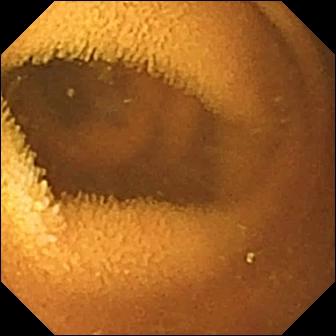Q: What does this wireless capsule endoscopy still of the small intestine show?
A: Normal clean mucosa.